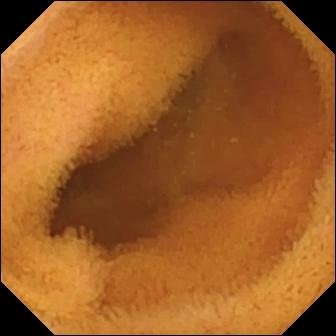modality: VCE; observation: normal clean mucosa